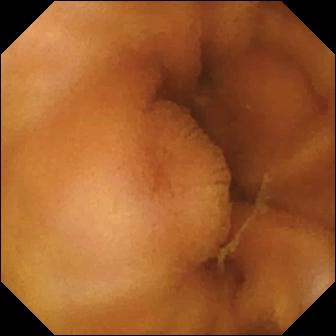modality: video capsule endoscopy
category: luminal finding
observation: normal clean mucosa